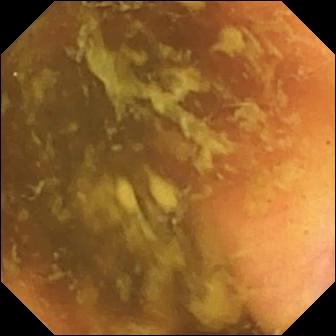Small-bowel capsule endoscopy frame. Taken in the ileo-cecal valve region (the transition from the small bowel to the large bowel).